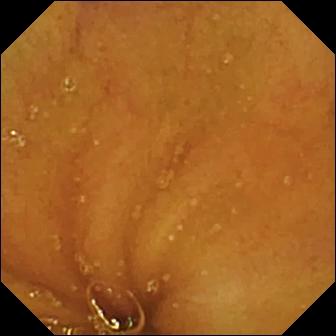This capsule endoscopy image of the small bowel shows normal clean mucosa.